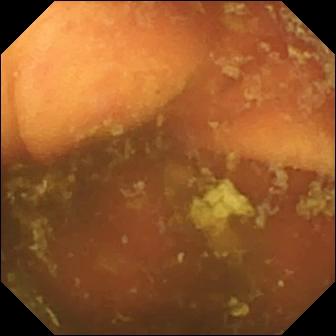Video capsule endoscopy — ileo-cecal valve region.